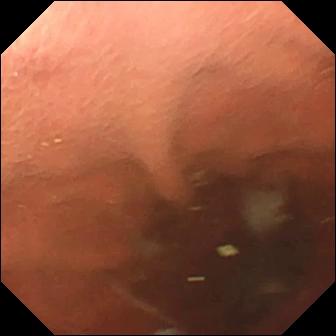This video capsule endoscopy snapshot was taken in the pylorus region.